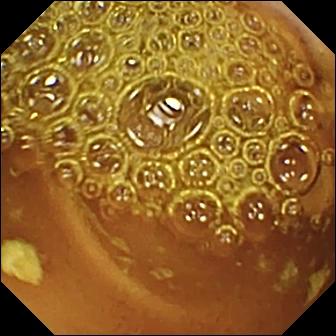Normal clean mucosa — wireless capsule endoscopy view.